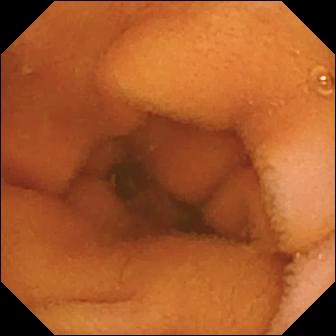Normal clean mucosa — VCE frame.